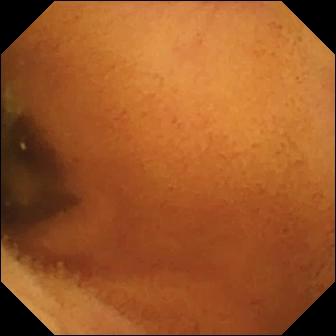Video capsule endoscopy image. Normal clean mucosa.